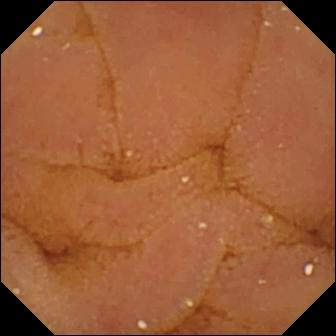Video capsule endoscopy frame
Label: normal clean mucosa